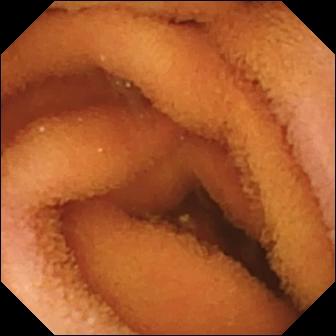Video capsule endoscopy snapshot, small intestine
Impression: normal clean mucosa